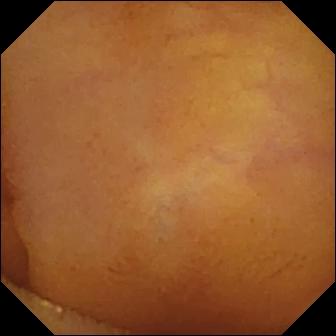Wireless capsule endoscopy snapshot (small bowel). Normal clean mucosa.